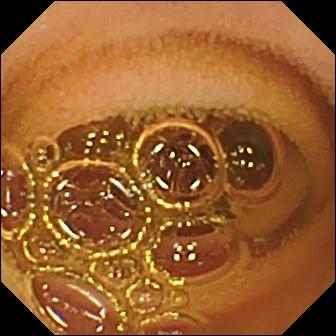{"modality": "wireless capsule endoscopy", "segment": "small bowel", "finding": "normal clean mucosa"}